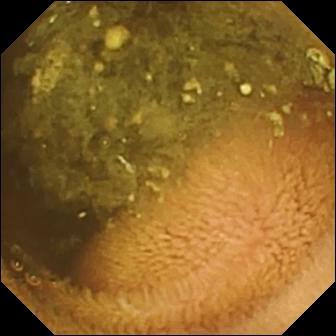Small-bowel capsule endoscopy — reduced mucosal view (content or bubbles obscuring the mucosa).